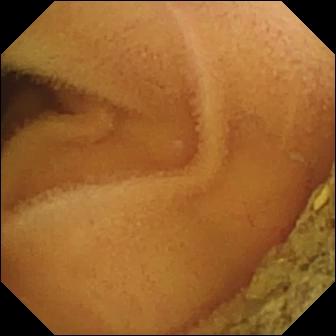Normal clean mucosa.